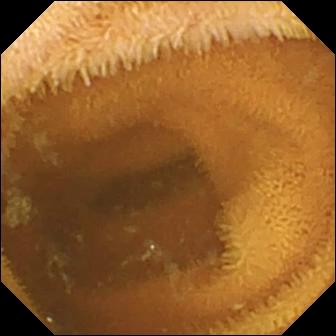Video capsule endoscopy. Observation: normal clean mucosa.